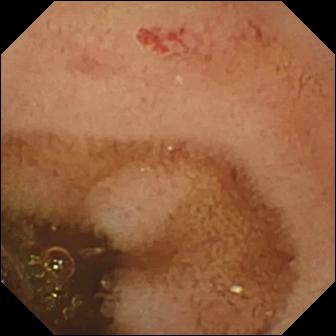This WCE still shows angiectasia.